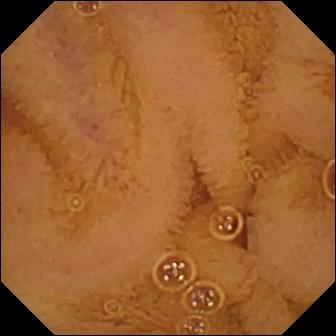Small-bowel capsule endoscopy still showing normal clean mucosa.